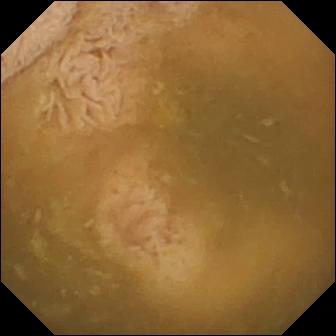- modality: small-bowel capsule endoscopy
- location: ileo-cecal valve region (the transition from the small bowel to the large bowel)